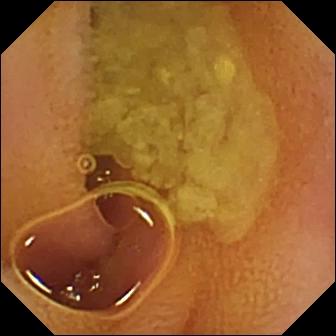{"modality": "VCE", "segment": "small bowel", "category": "luminal finding", "finding": "normal clean mucosa"}